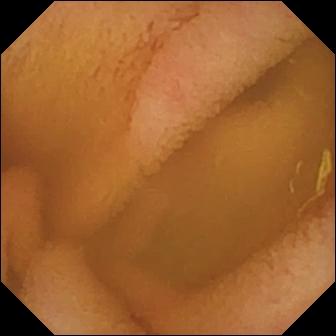- modality: video capsule endoscopy
- finding: normal clean mucosa